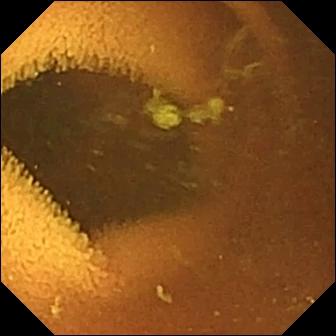- modality: VCE
- finding: normal clean mucosa